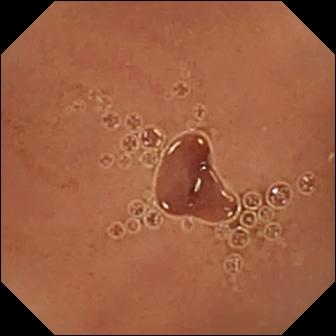VCE. Small intestine. Observation: normal clean mucosa.